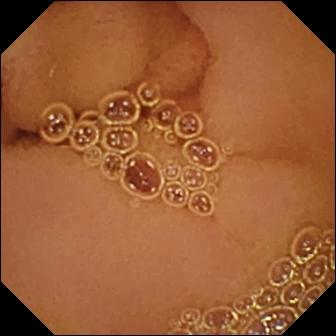Q: What does this capsule endoscopy snapshot of the small bowel show?
A: Normal clean mucosa.